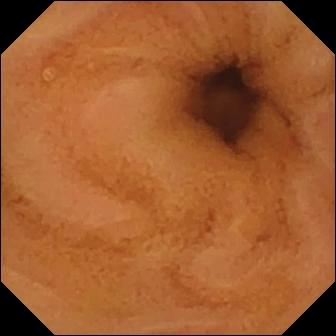Q: What does this video capsule endoscopy view show?
A: Normal clean mucosa.